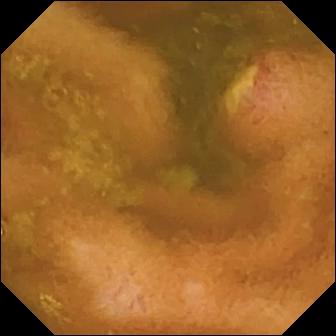Capsule endoscopy still showing ulcer.